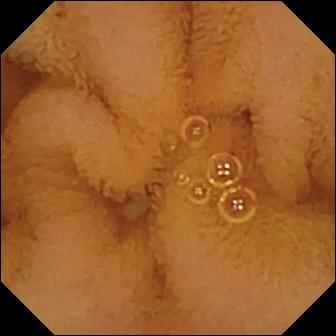Normal clean mucosa (336×336).